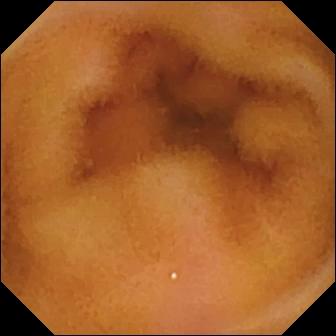PROCEDURE: Wireless capsule endoscopy.
SEGMENT: Small bowel.
FINDINGS: Normal clean mucosa.